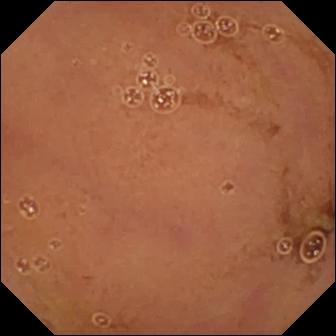Small-bowel capsule endoscopy — normal clean mucosa.